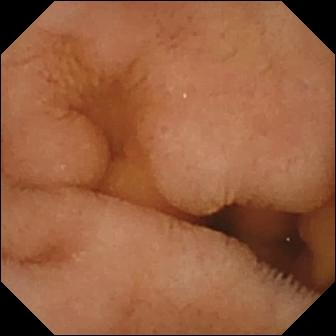- modality: VCE
- label: normal clean mucosa